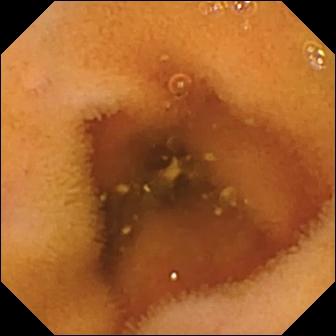Q: What does this wireless capsule endoscopy image show?
A: Normal clean mucosa.